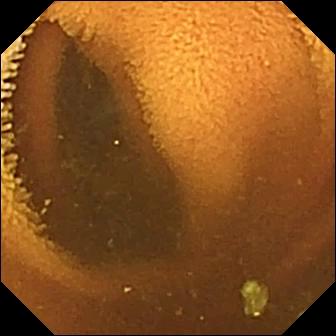WCE image showing normal clean mucosa.